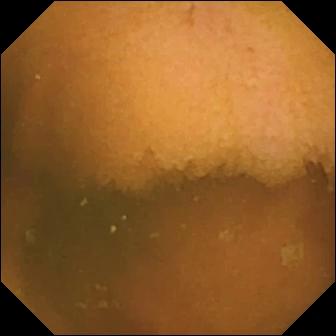PROCEDURE: Wireless capsule endoscopy.
FINDINGS: Normal clean mucosa.